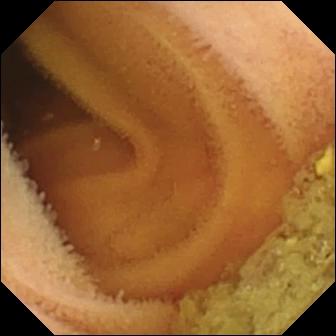Wireless capsule endoscopy. Luminal finding. Observation: normal clean mucosa.